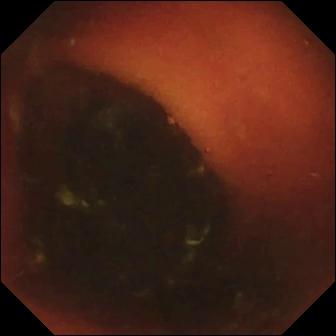WCE — ileo-cecal valve region (the transition from the small bowel to the large bowel).